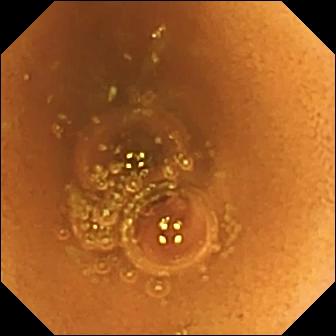- modality: video capsule endoscopy
- segment: small bowel
- category: luminal finding
- impression: normal clean mucosa